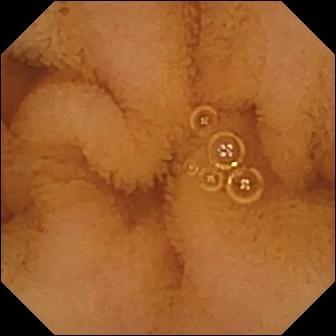This small-bowel capsule endoscopy still shows normal clean mucosa.